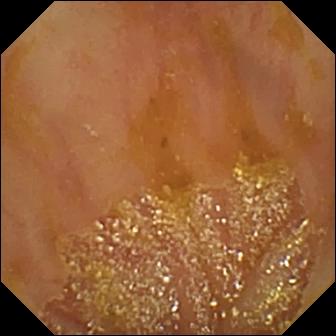Q: Where in the digestive tract was this WCE still taken?
A: Ileo-cecal valve region (the transition from the small bowel to the large bowel).